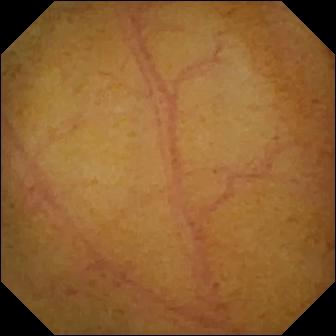WCE — normal clean mucosa.